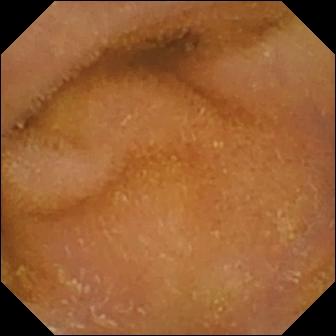- modality: wireless capsule endoscopy
- category: luminal finding
- observation: normal clean mucosa